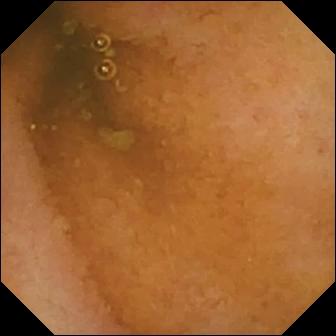Normal clean mucosa (336×336).